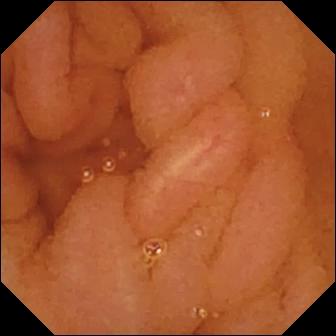{"modality": "VCE", "category": "luminal finding", "finding": "normal clean mucosa"}